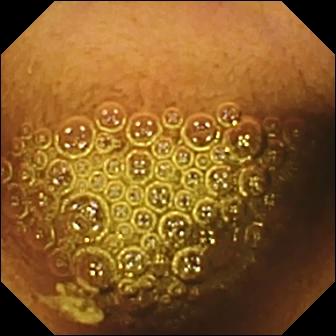Capsule endoscopy frame. Reduced mucosal view (content or bubbles obscuring the mucosa).